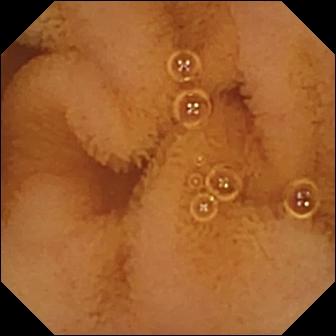Normal clean mucosa — capsule endoscopy still of the small bowel.